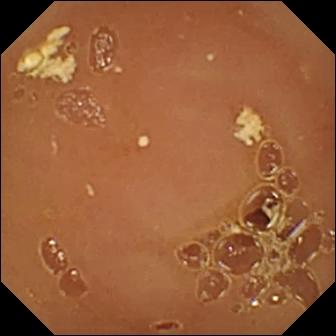Small-bowel capsule endoscopy view showing normal clean mucosa.